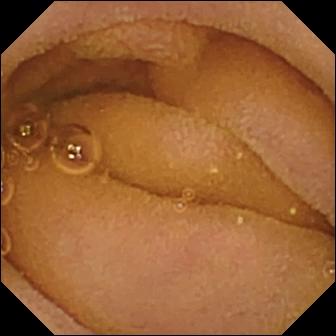Capsule endoscopy. Small intestine. Observation: normal clean mucosa.